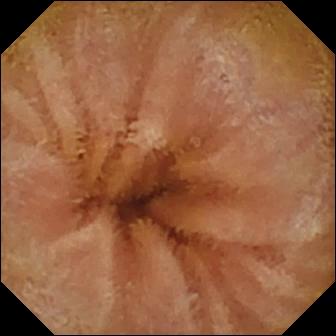VCE view (small intestine). Normal clean mucosa.